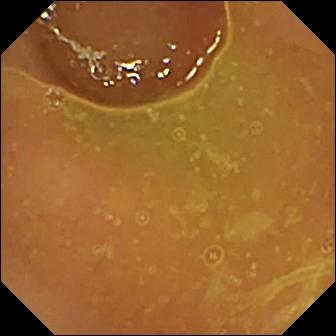- modality: WCE
- finding: normal clean mucosa